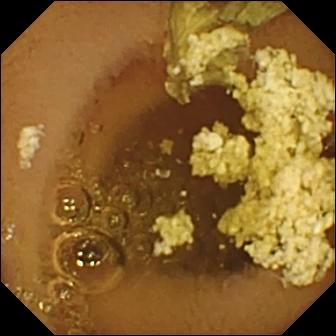PROCEDURE: Small-bowel capsule endoscopy.
FINDINGS: Normal clean mucosa.